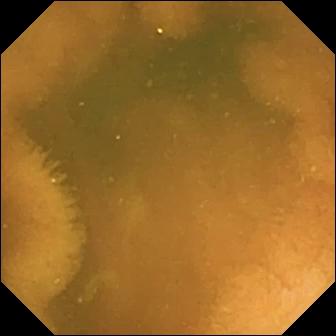WCE snapshot of the small intestine showing normal clean mucosa.